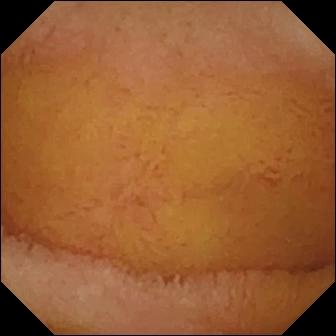VCE view of the small intestine showing normal clean mucosa.